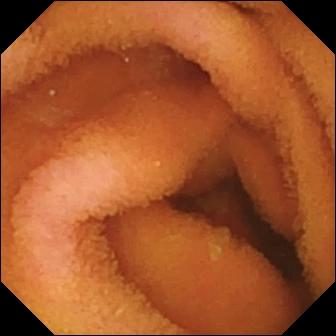modality: small-bowel capsule endoscopy
observation: normal clean mucosa